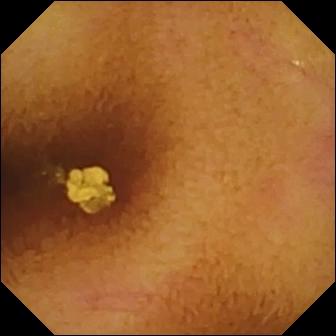Video capsule endoscopy image
Finding: normal clean mucosa